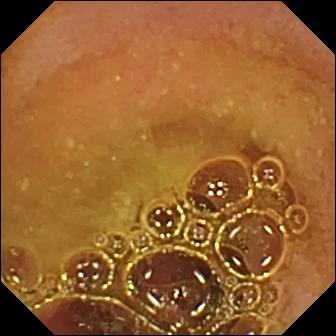{"modality": "small-bowel capsule endoscopy", "segment": "small bowel", "finding": "normal clean mucosa"}